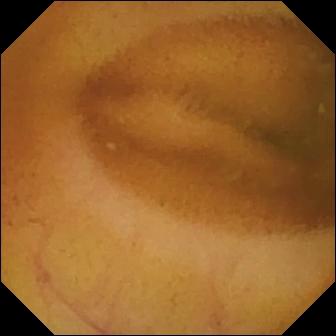Q: What does this WCE frame show?
A: Normal clean mucosa.